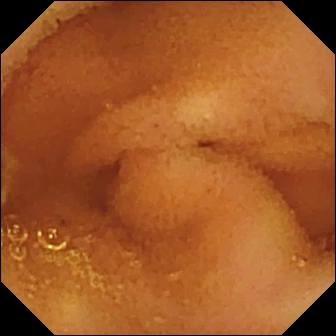Normal clean mucosa — VCE image.